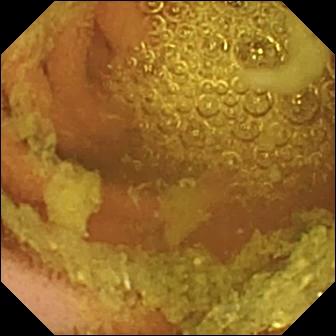Video capsule endoscopy image
Observation: normal clean mucosa